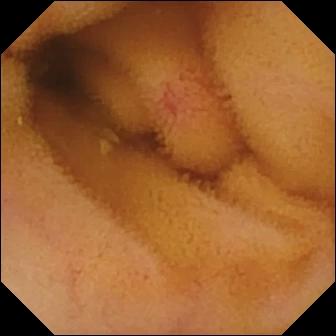Capsule endoscopy image
Observation: angiectasia